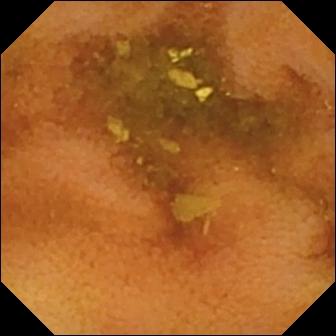WCE — normal clean mucosa.